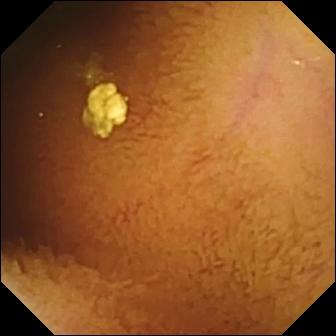WCE view
Finding: normal clean mucosa